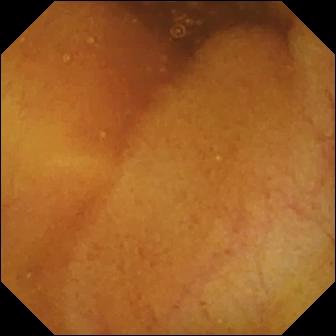PROCEDURE: Small-bowel capsule endoscopy.
FINDINGS: Normal clean mucosa.